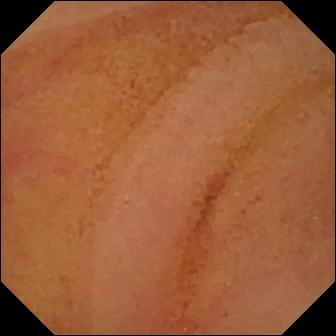Normal clean mucosa — capsule endoscopy frame.